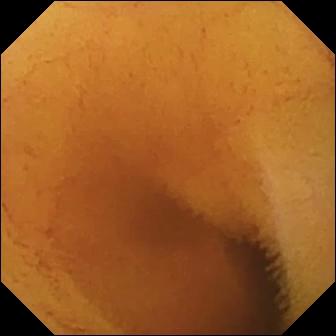{"modality": "WCE", "finding": "normal clean mucosa"}